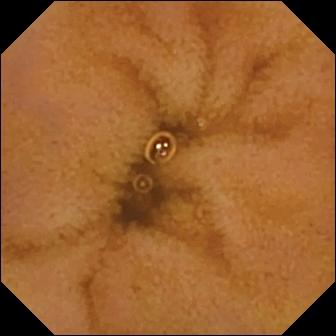Normal clean mucosa — WCE view.